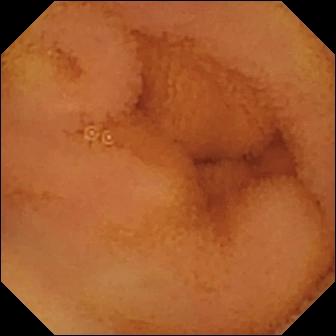WCE frame (small bowel). Normal clean mucosa.